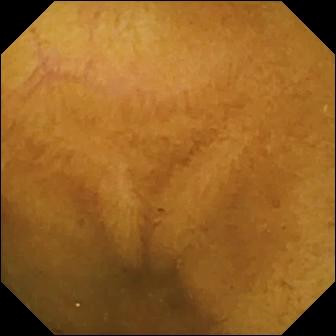This capsule endoscopy frame shows normal clean mucosa.